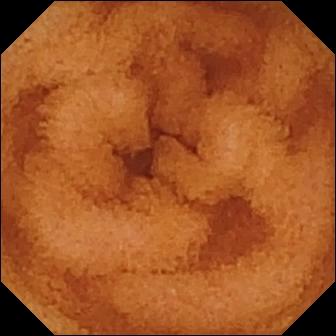Normal clean mucosa — capsule endoscopy snapshot of the small intestine.